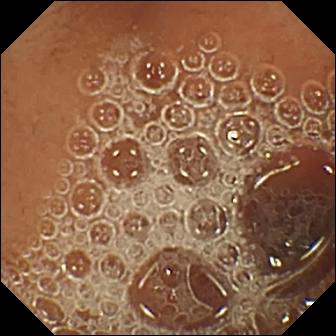Wireless capsule endoscopy. Finding: normal clean mucosa.